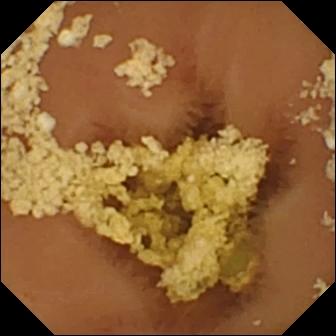- modality: WCE
- impression: normal clean mucosa